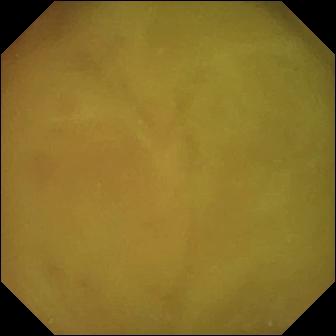- modality: video capsule endoscopy
- category: luminal finding
- observation: normal clean mucosa